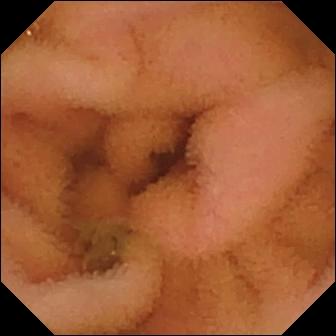Q: What does this WCE still of the small bowel show?
A: Normal clean mucosa.